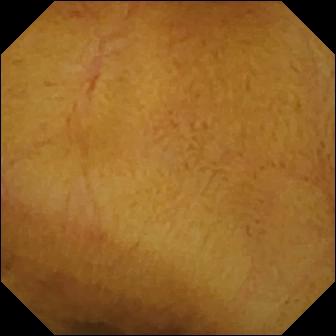- modality: small-bowel capsule endoscopy
- segment: small intestine
- label: normal clean mucosa